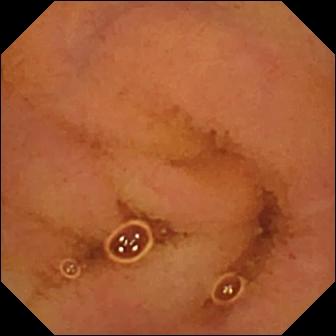modality: WCE | finding: normal clean mucosa